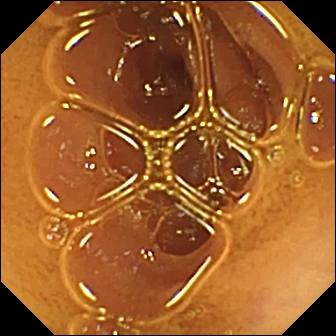- modality: video capsule endoscopy
- finding: normal clean mucosa